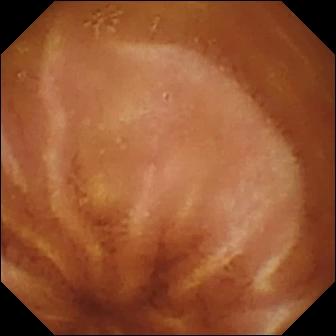modality: WCE
observation: normal clean mucosa